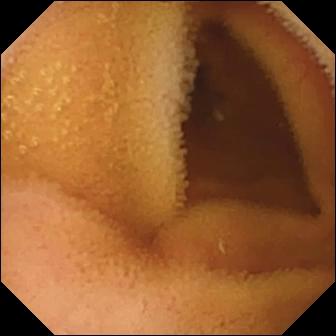VCE still
Finding: normal clean mucosa